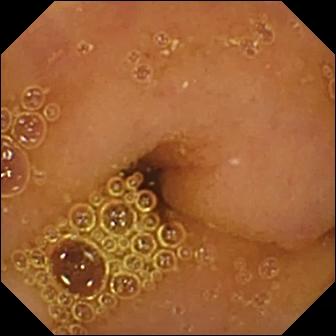Small-bowel capsule endoscopy view
Observation: normal clean mucosa